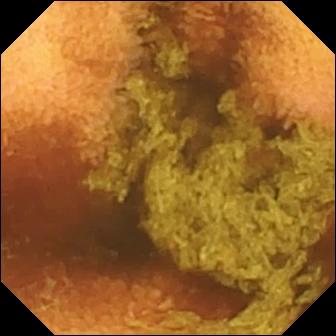modality: small-bowel capsule endoscopy; segment: small intestine; impression: normal clean mucosa